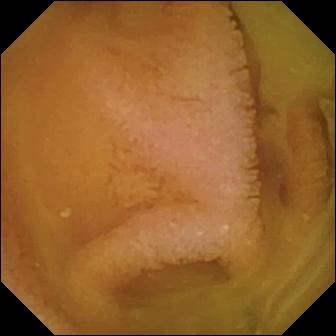VCE — normal clean mucosa.